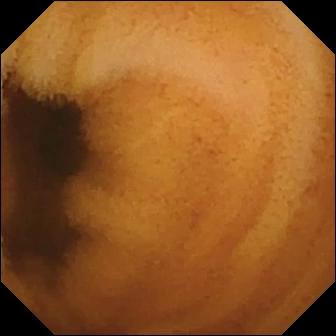VCE image, small intestine
Label: normal clean mucosa